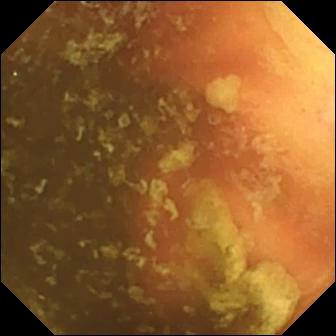modality: video capsule endoscopy | location: ileo-cecal valve region